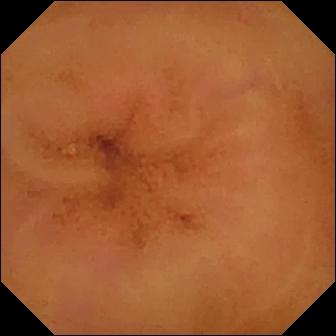Small-bowel capsule endoscopy snapshot. Normal clean mucosa.